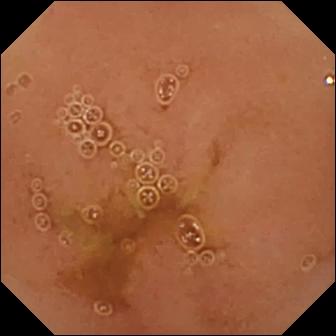Normal clean mucosa.